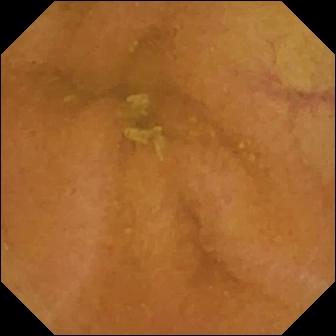PROCEDURE: Small-bowel capsule endoscopy.
FINDINGS: Normal clean mucosa.